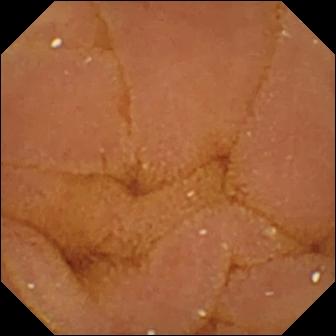PROCEDURE: Capsule endoscopy.
SEGMENT: Small intestine.
FINDINGS: Normal clean mucosa.